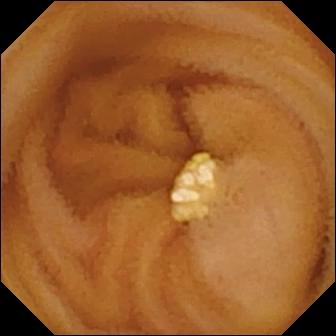VCE — lymphangiectasia.